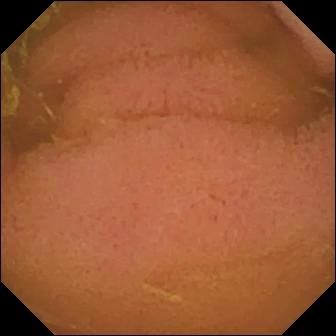- modality: wireless capsule endoscopy
- segment: small bowel
- observation: normal clean mucosa